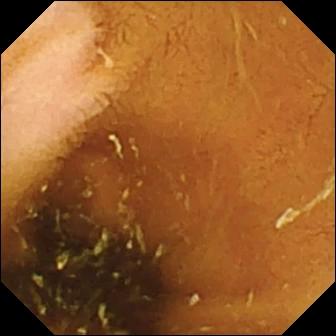Capsule endoscopy snapshot of the small intestine showing normal clean mucosa.